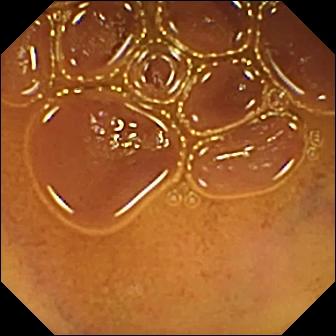- modality: capsule endoscopy
- segment: small bowel
- category: luminal finding
- observation: normal clean mucosa